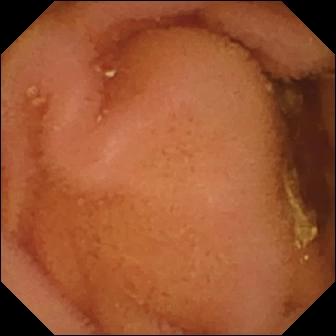{"modality": "wireless capsule endoscopy", "category": "luminal finding", "finding": "normal clean mucosa"}